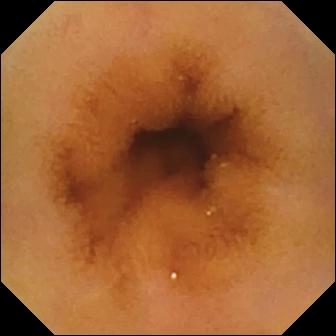Normal clean mucosa — small-bowel capsule endoscopy image.